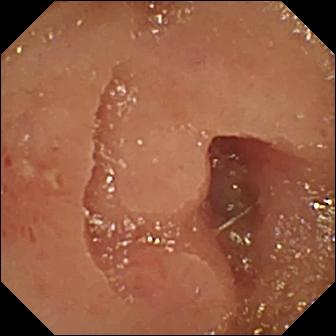WCE snapshot
Finding: erosion